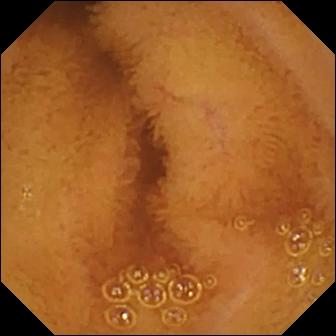This wireless capsule endoscopy still of the small bowel shows normal clean mucosa.